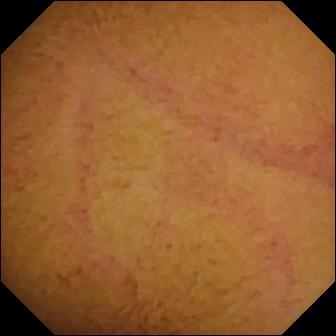Video capsule endoscopy view showing normal clean mucosa.